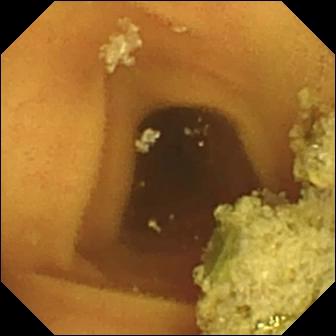- modality: small-bowel capsule endoscopy
- segment: small bowel
- category: luminal finding
- observation: normal clean mucosa